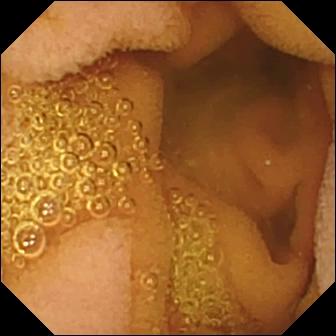Video capsule endoscopy. Small bowel. Luminal finding. Label: normal clean mucosa.